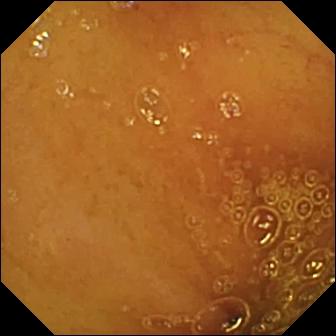- modality: capsule endoscopy
- segment: small bowel
- observation: normal clean mucosa